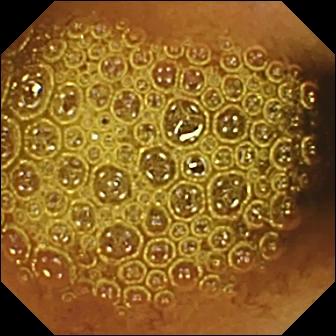modality: video capsule endoscopy
category: luminal finding
finding: reduced mucosal view (content or bubbles obscuring the mucosa)